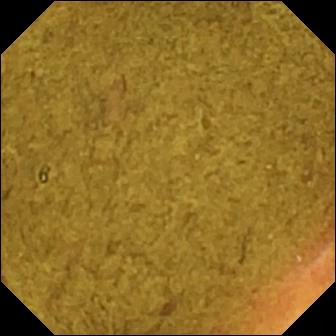This capsule endoscopy frame was taken in the ileo-cecal valve region (where the capsule passes from the small bowel into the large bowel).